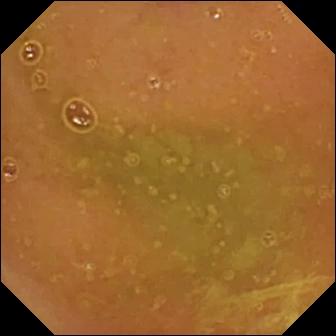Normal clean mucosa.